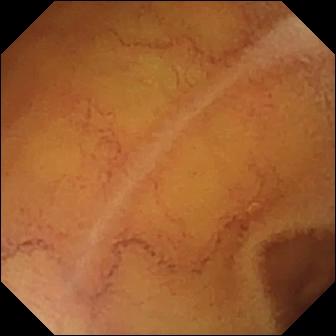Wireless capsule endoscopy. Small bowel. Luminal finding. Observation: normal clean mucosa.